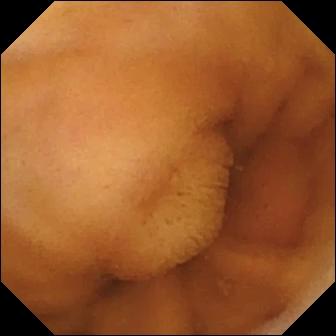- modality: video capsule endoscopy
- segment: small bowel
- finding: normal clean mucosa